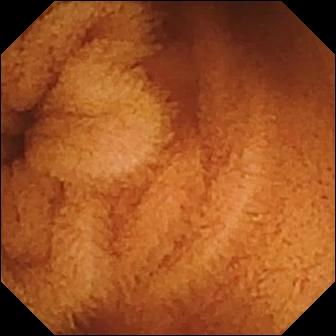- modality: capsule endoscopy
- observation: normal clean mucosa